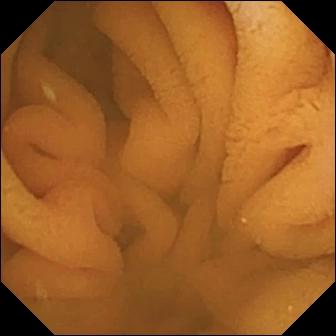Q: What does this VCE still show?
A: Normal clean mucosa.